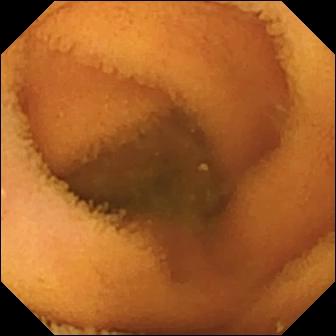Small-bowel capsule endoscopy frame (small intestine), 336×336. Normal clean mucosa.